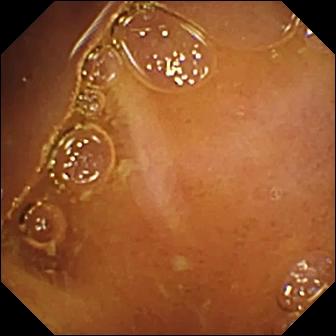{"modality": "wireless capsule endoscopy", "finding": "normal clean mucosa"}